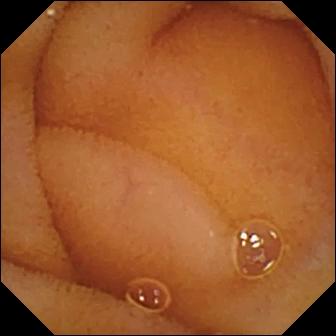Normal clean mucosa — capsule endoscopy snapshot.